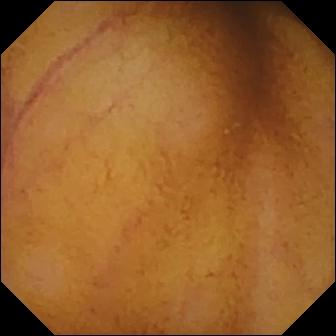VCE — normal clean mucosa.